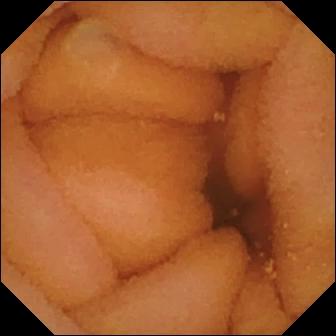WCE image. Normal clean mucosa.